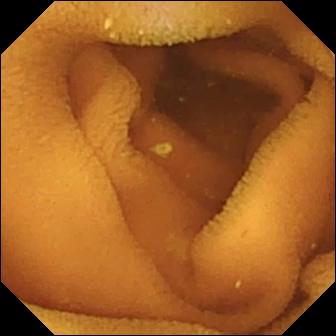modality: WCE; category: luminal finding; finding: normal clean mucosa